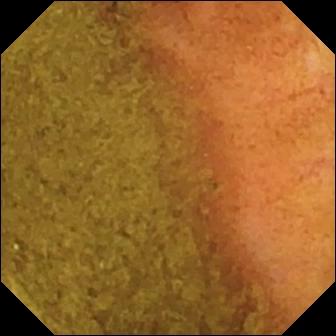VCE view
Label: ileo-cecal valve region (the transition from the small bowel to the large bowel)